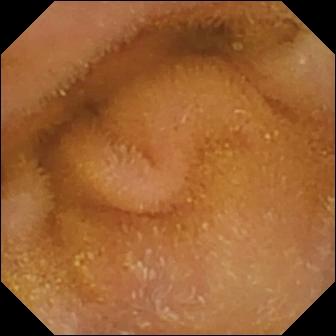Small-bowel capsule endoscopy view, small bowel
Impression: normal clean mucosa